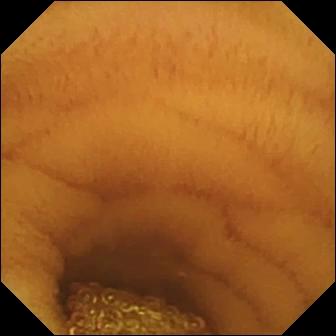WCE image. Normal clean mucosa.